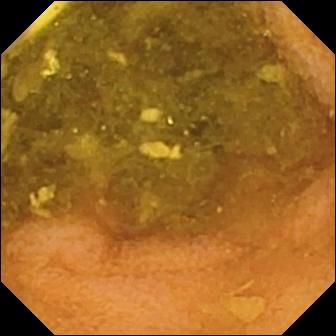- modality: capsule endoscopy
- segment: small intestine
- impression: normal clean mucosa